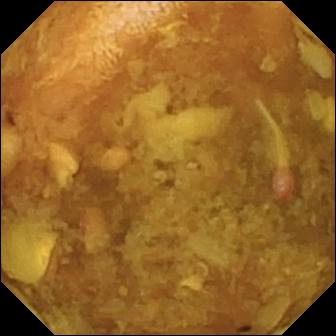PROCEDURE: WCE.
FINDINGS: Reduced mucosal view (content or bubbles obscuring the mucosa).